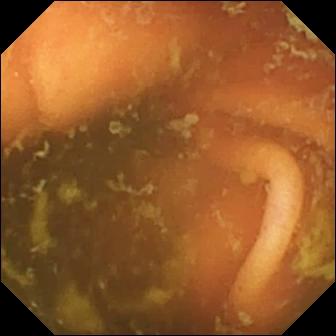{"modality": "VCE", "position": "ileo-cecal valve region"}